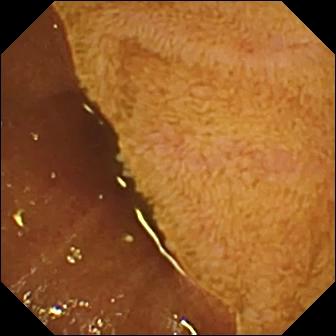Video capsule endoscopy. Near an anatomical landmark. Video segment: ileo-cecal valve region.